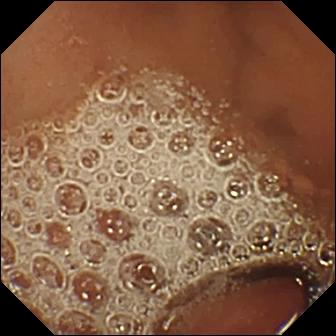{"modality": "capsule endoscopy", "finding": "normal clean mucosa"}